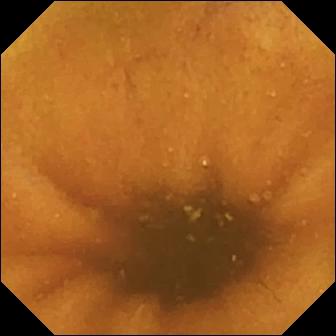Video capsule endoscopy frame (small bowel). Normal clean mucosa.